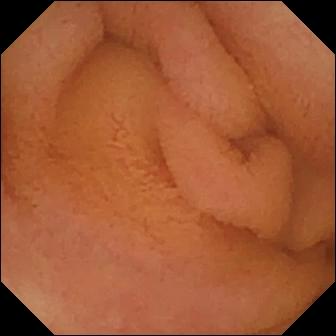Q: What does this WCE snapshot show?
A: Normal clean mucosa.